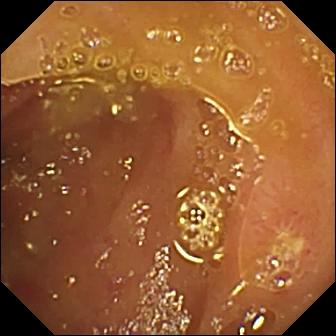Q: What does this capsule endoscopy still show?
A: Ulcer.